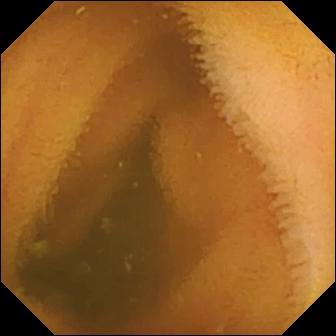Capsule endoscopy still showing normal clean mucosa.